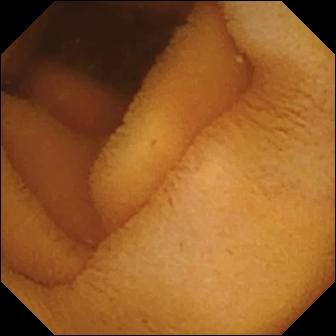This small-bowel capsule endoscopy still of the small intestine shows normal clean mucosa.